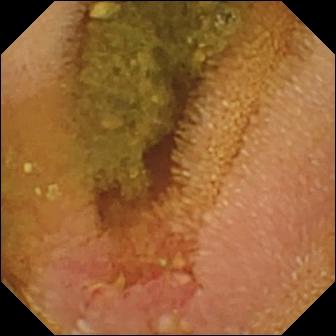modality: VCE | observation: erosion